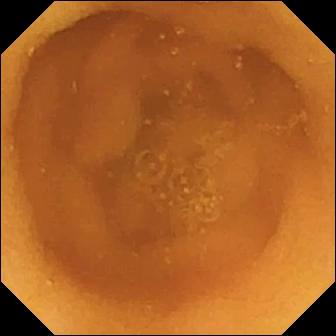Capsule endoscopy image (small intestine), 336×336. Normal clean mucosa.